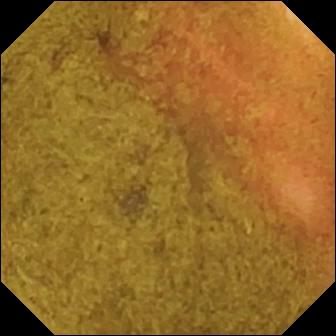Ileo-cecal valve region — capsule endoscopy view.